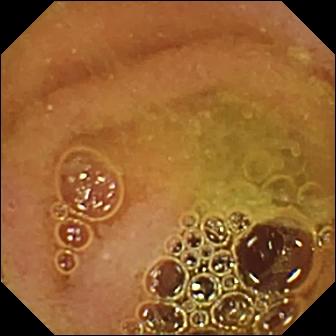{"modality": "wireless capsule endoscopy", "finding": "normal clean mucosa"}